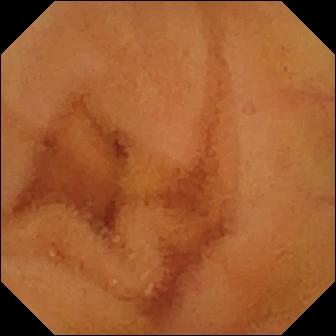{"modality": "video capsule endoscopy", "category": "luminal finding", "finding": "normal clean mucosa"}